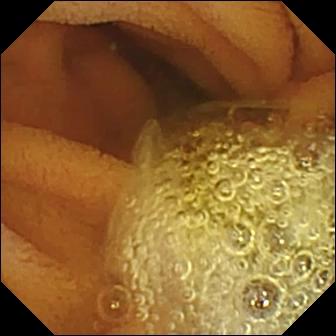Small-bowel capsule endoscopy frame of the small bowel showing normal clean mucosa.